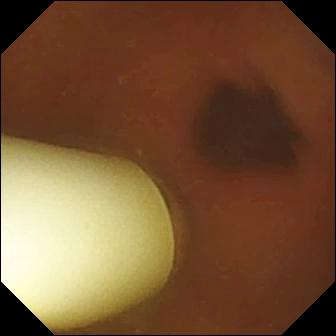Small-bowel capsule endoscopy. Label: foreign body (e.g. retained capsule, tablet residue).